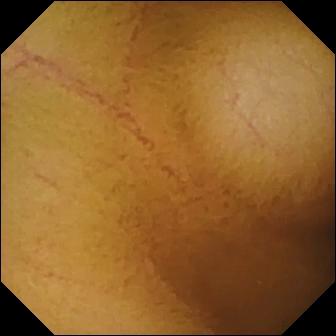Normal clean mucosa.